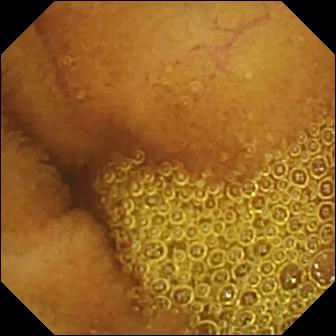Wireless capsule endoscopy view
Label: normal clean mucosa